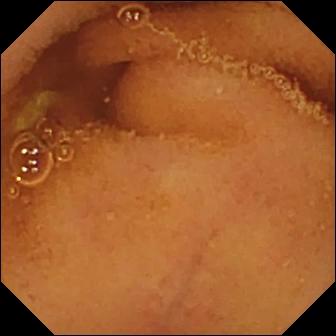{"modality": "video capsule endoscopy", "category": "luminal finding", "finding": "normal clean mucosa"}